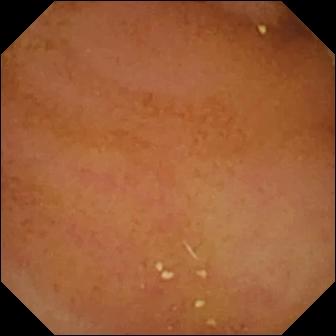Wireless capsule endoscopy image of the small bowel showing normal clean mucosa.